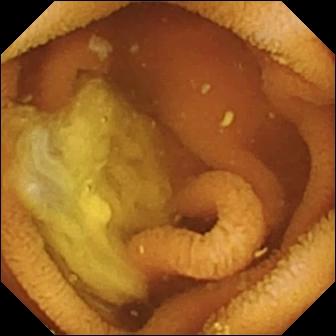{"modality": "wireless capsule endoscopy", "segment": "small intestine", "finding": "normal clean mucosa"}